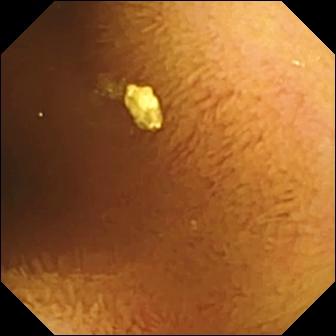This video capsule endoscopy still shows normal clean mucosa.